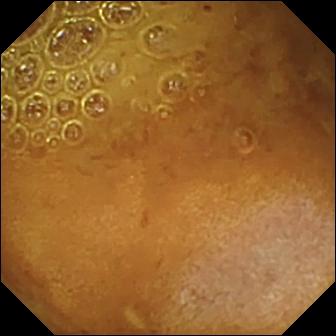- modality: small-bowel capsule endoscopy
- segment: small intestine
- observation: reduced mucosal view (content or bubbles obscuring the mucosa)